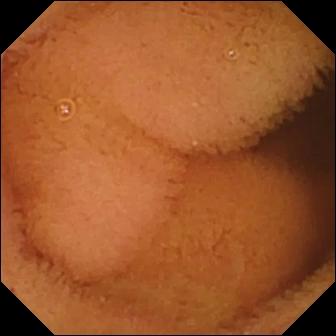modality: WCE; segment: small bowel; category: luminal finding; impression: normal clean mucosa